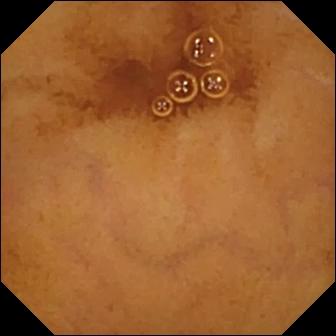Normal clean mucosa — WCE view of the small bowel.